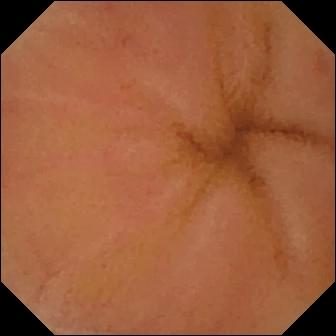modality: small-bowel capsule endoscopy; impression: erythema (mucosal redness)